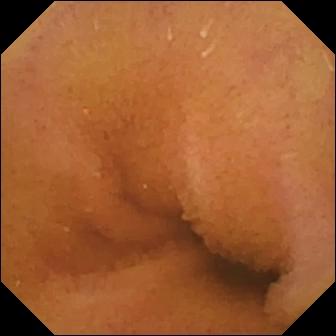Small-bowel capsule endoscopy — normal clean mucosa.